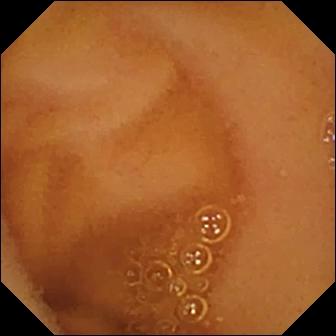Q: What does this VCE view show?
A: Normal clean mucosa.